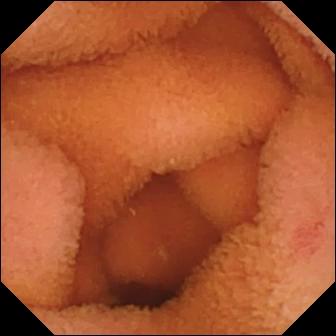VCE snapshot, small intestine
Impression: normal clean mucosa